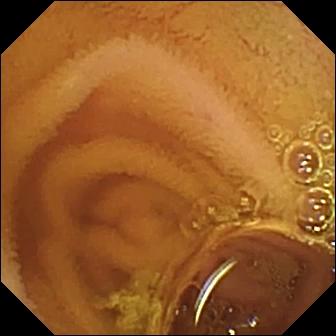- modality: WCE
- impression: normal clean mucosa